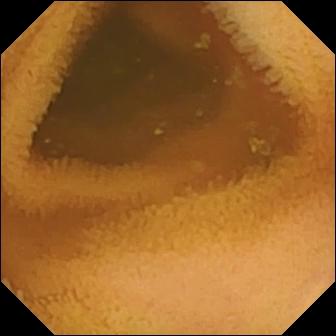PROCEDURE: Wireless capsule endoscopy.
SEGMENT: Small bowel.
FINDINGS: Normal clean mucosa.